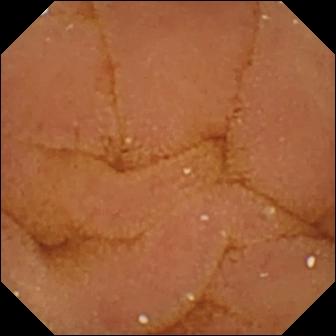PROCEDURE: WCE.
FINDINGS: Normal clean mucosa.